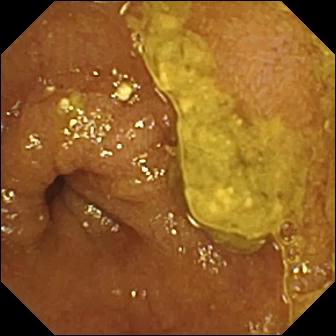Small-bowel capsule endoscopy image taken in the ileo-cecal valve region (where the capsule passes from the small bowel into the large bowel).